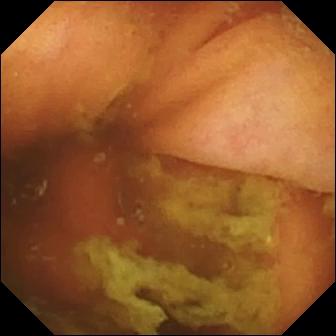Capsule endoscopy. Near an anatomical landmark. Video segment: ileo-cecal valve region.